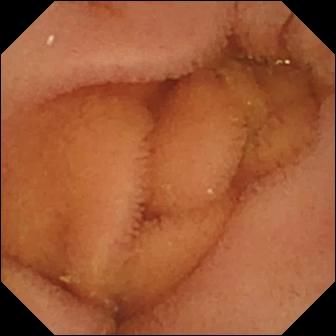Wireless capsule endoscopy frame. Normal clean mucosa.